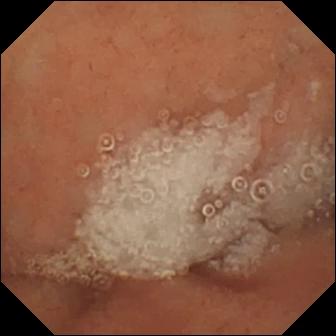- modality: wireless capsule endoscopy
- label: normal clean mucosa